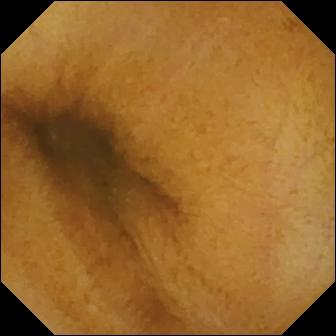{"modality": "wireless capsule endoscopy", "finding": "normal clean mucosa"}